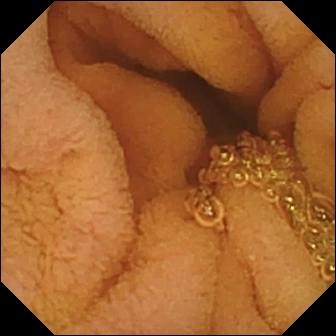Q: What does this video capsule endoscopy still of the small bowel show?
A: Normal clean mucosa.